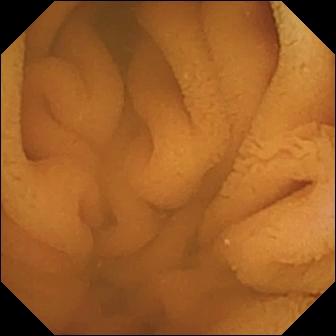This small-bowel capsule endoscopy snapshot of the small intestine shows normal clean mucosa.